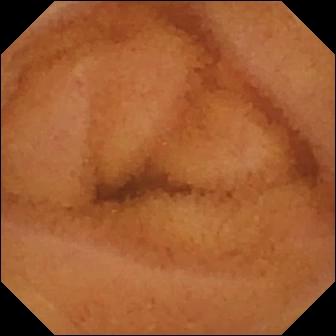modality: VCE; segment: small bowel; finding: normal clean mucosa